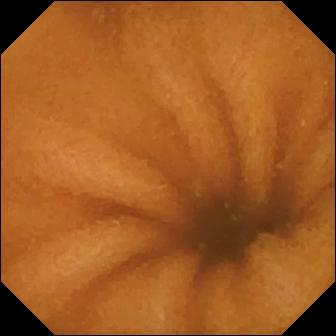VCE view. Normal clean mucosa.